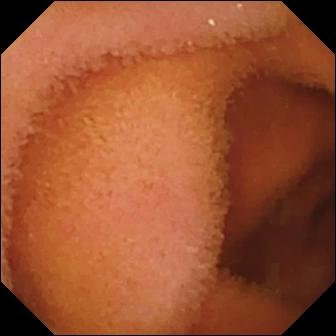Q: What does this video capsule endoscopy image show?
A: Normal clean mucosa.